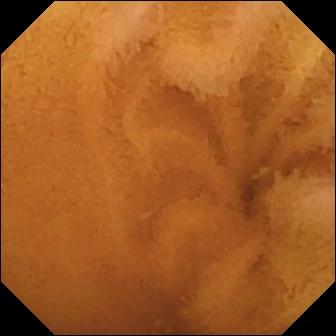WCE still. Normal clean mucosa.